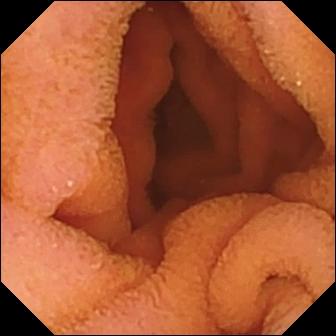modality: capsule endoscopy | segment: small intestine | observation: normal clean mucosa